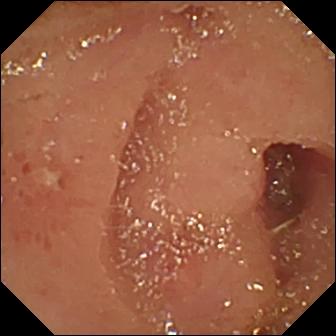modality: WCE
category: luminal finding
label: erosion